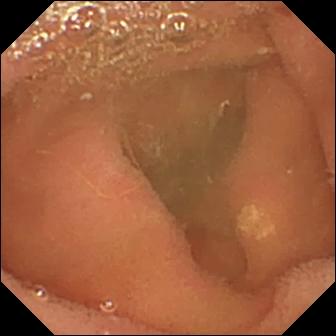Small-bowel capsule endoscopy. Finding: lymphangiectasia.